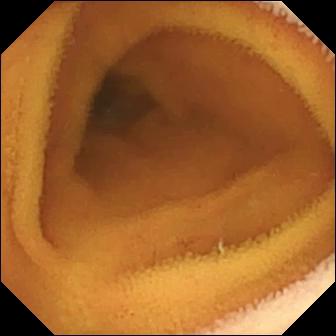Capsule endoscopy frame (small bowel). Normal clean mucosa.